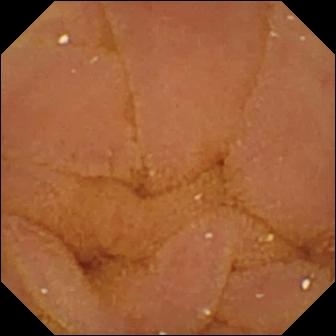modality: capsule endoscopy; finding: normal clean mucosa